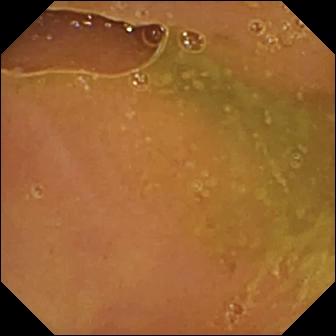Video capsule endoscopy — normal clean mucosa.